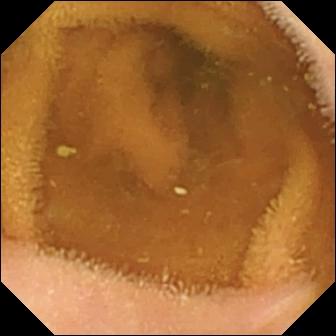This capsule endoscopy view shows normal clean mucosa.